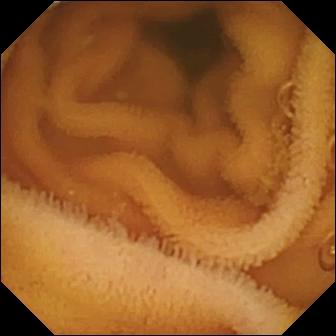Small-bowel capsule endoscopy. Small intestine. Finding: normal clean mucosa.